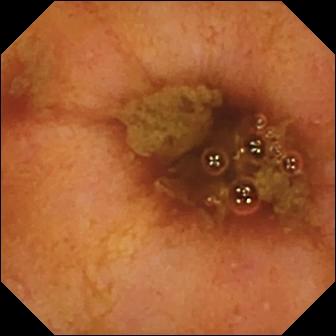Small-bowel capsule endoscopy image. Taken in the ileo-cecal valve region.